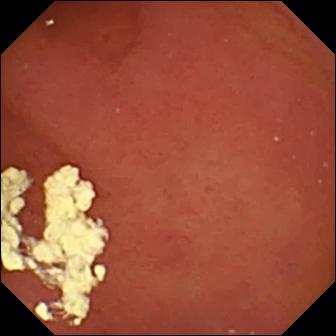Video capsule endoscopy image, 336×336. Taken in the pylorus region (where the capsule passes from the stomach into the small bowel).